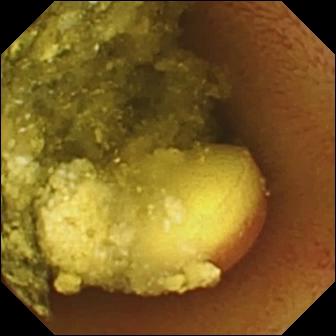Capsule endoscopy — foreign body (e.g. retained capsule, tablet residue).